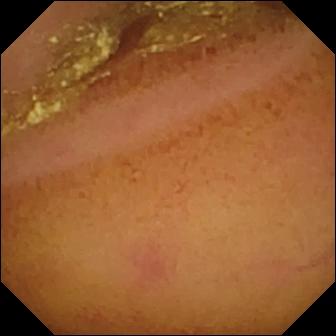Normal clean mucosa.